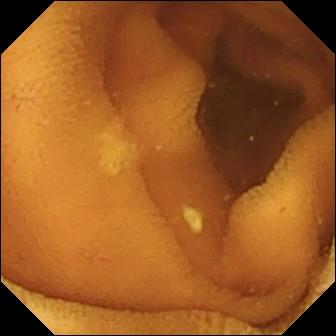modality: WCE | segment: small intestine | observation: normal clean mucosa